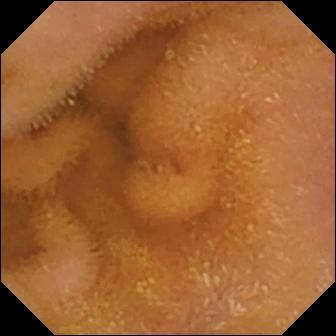Wireless capsule endoscopy still showing normal clean mucosa.